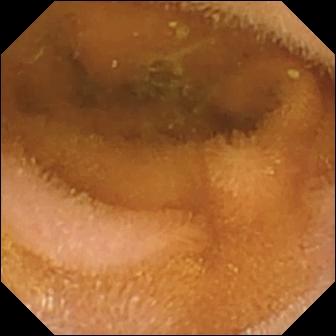Capsule endoscopy snapshot
Label: normal clean mucosa